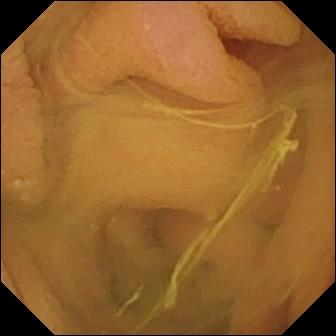Capsule endoscopy — normal clean mucosa.